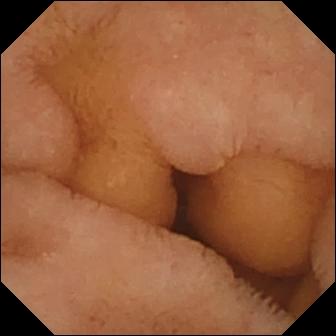modality: small-bowel capsule endoscopy | category: luminal finding | label: normal clean mucosa